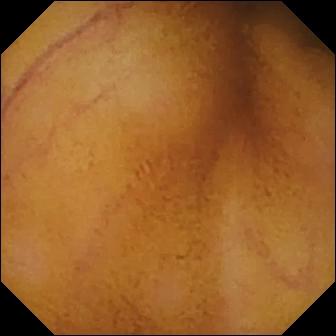VCE view, small intestine
Finding: normal clean mucosa